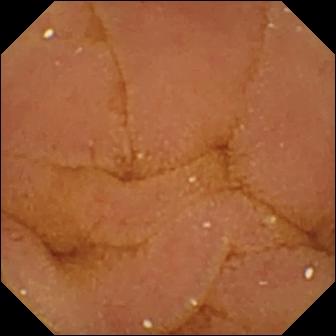Video capsule endoscopy image of the small bowel showing normal clean mucosa.